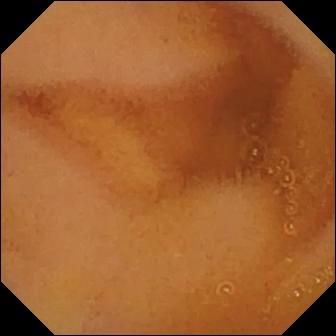Capsule endoscopy. Small bowel. Finding: normal clean mucosa.